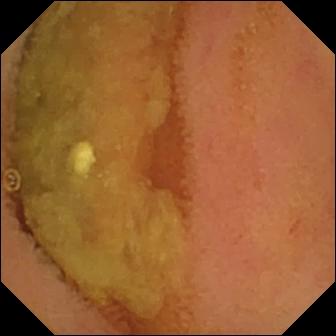Q: What does this small-bowel capsule endoscopy image of the small bowel show?
A: Normal clean mucosa.